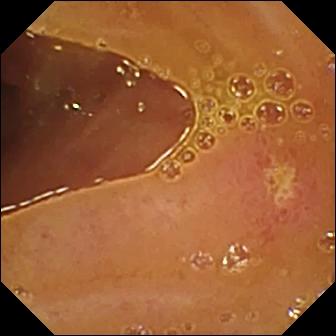Ulcer.